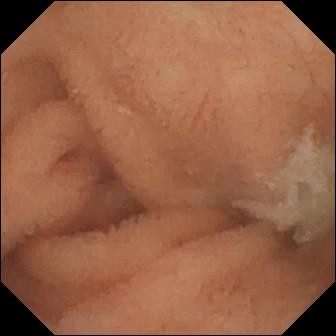PROCEDURE: Capsule endoscopy.
FINDINGS: Normal clean mucosa.